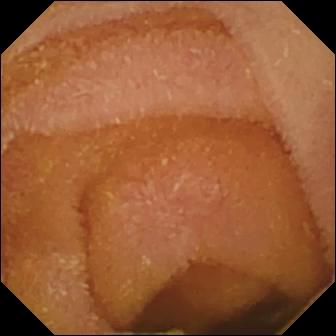Wireless capsule endoscopy. Small intestine. Finding: normal clean mucosa.